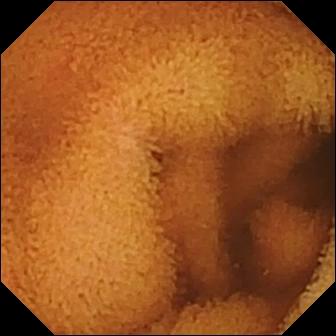Small-bowel capsule endoscopy view, small bowel
Observation: normal clean mucosa